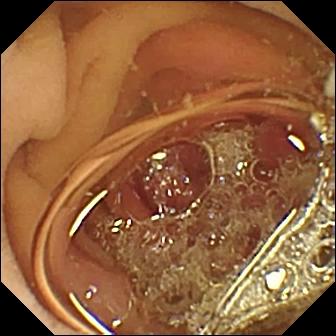Wireless capsule endoscopy frame
Location: pylorus region (where the capsule passes from the stomach into the small bowel)